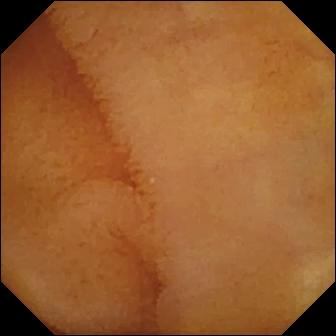Small-bowel capsule endoscopy snapshot
Impression: normal clean mucosa